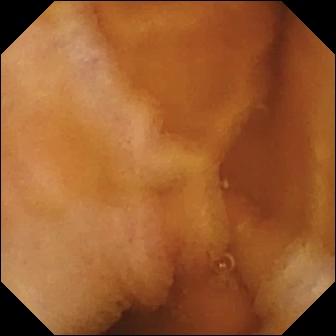VCE snapshot (small intestine). Normal clean mucosa.